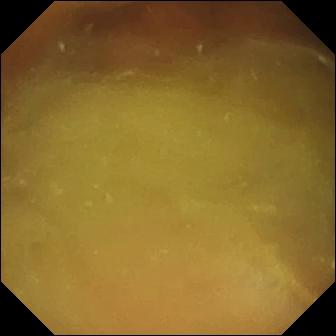Wireless capsule endoscopy snapshot of the small bowel showing normal clean mucosa.